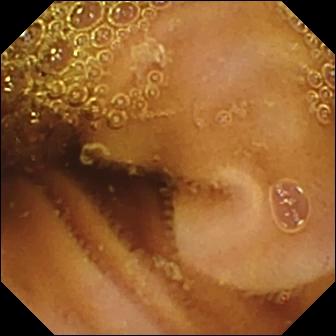Normal clean mucosa.